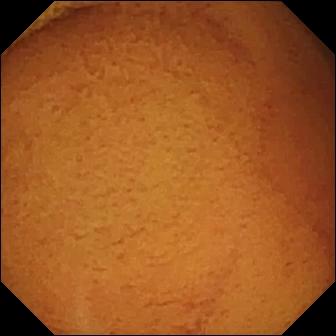VCE snapshot, small bowel
Observation: normal clean mucosa